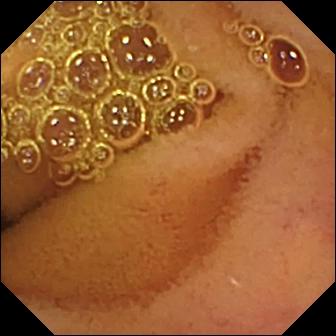modality: small-bowel capsule endoscopy; observation: normal clean mucosa